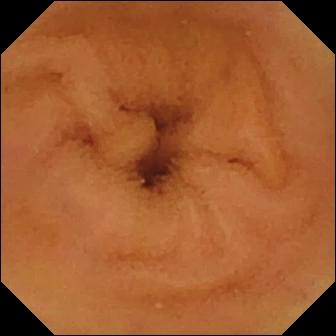VCE. Finding: normal clean mucosa.